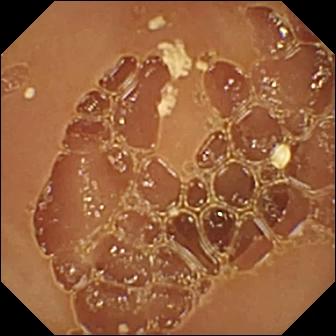PROCEDURE: VCE.
SEGMENT: Small intestine.
FINDINGS: Normal clean mucosa.